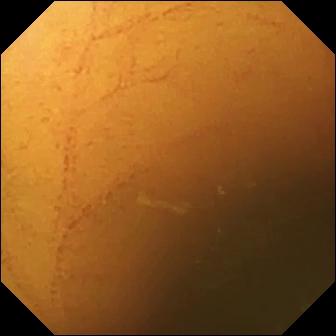Capsule endoscopy view of the small intestine showing normal clean mucosa.